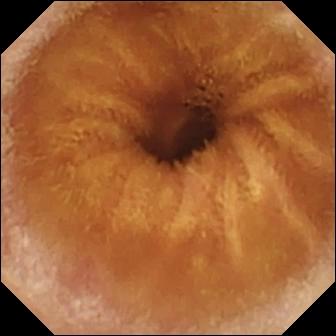Normal clean mucosa — wireless capsule endoscopy frame.